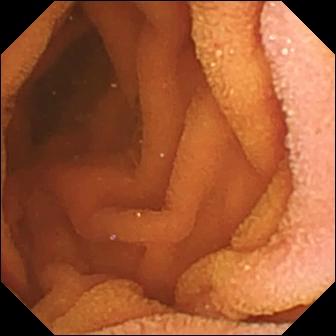Wireless capsule endoscopy view
Observation: normal clean mucosa